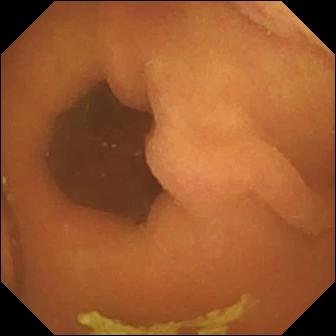Capsule endoscopy — foreign body (e.g. retained capsule, tablet residue).